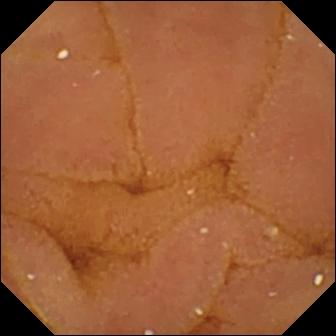- modality: video capsule endoscopy
- segment: small bowel
- finding: normal clean mucosa